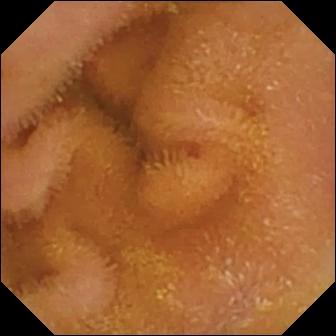Q: What does this WCE image of the small intestine show?
A: Normal clean mucosa.